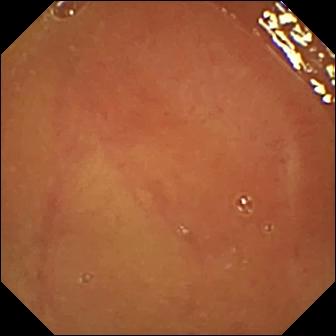Small-bowel capsule endoscopy image
Finding: normal clean mucosa